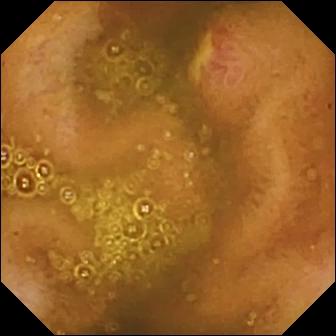- modality: small-bowel capsule endoscopy
- observation: ulcer